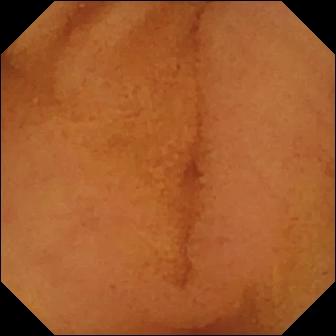WCE. Label: normal clean mucosa.